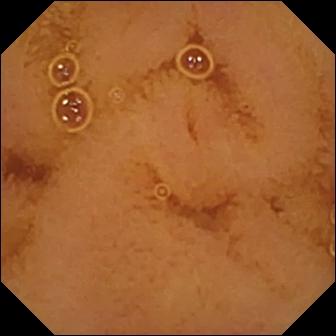WCE image (small bowel), 336×336. Normal clean mucosa.